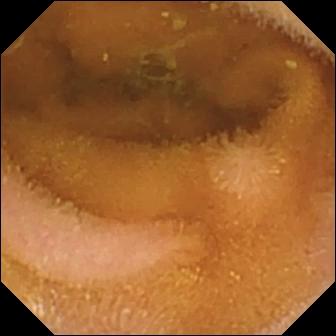Small-bowel capsule endoscopy frame (small intestine). Normal clean mucosa.